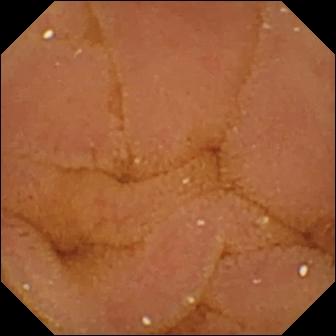Wireless capsule endoscopy view of the small intestine showing normal clean mucosa.